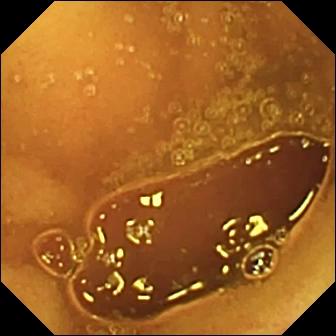{"modality": "WCE", "segment": "small bowel", "finding": "normal clean mucosa"}